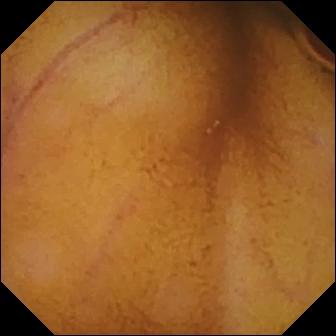Small-bowel capsule endoscopy frame, small bowel
Impression: normal clean mucosa